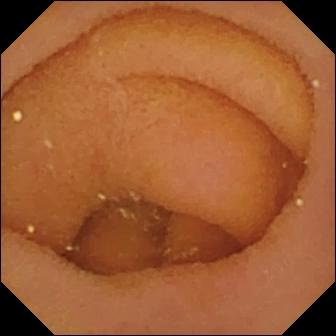{"modality": "VCE", "label": "pylorus region (the junction between the stomach and the small bowel)"}